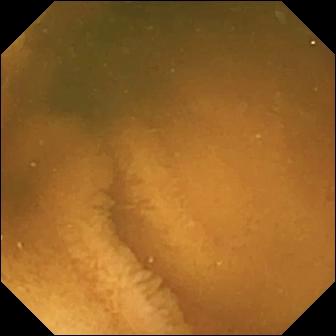{"modality": "wireless capsule endoscopy", "finding": "normal clean mucosa"}